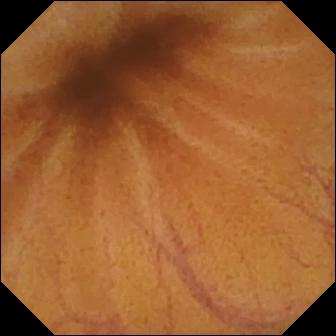PROCEDURE: Small-bowel capsule endoscopy.
FINDINGS: Normal clean mucosa.